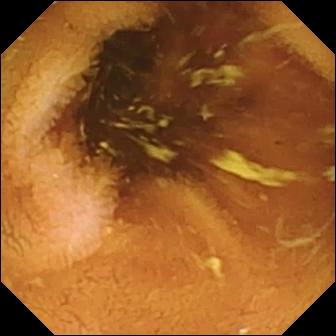Normal clean mucosa — small-bowel capsule endoscopy frame of the small bowel.